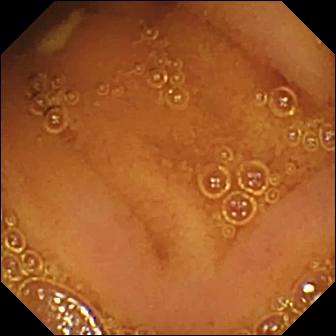PROCEDURE: Capsule endoscopy.
FINDINGS: Normal clean mucosa.